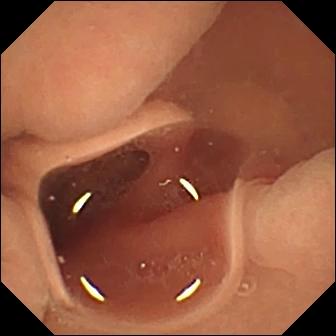Normal clean mucosa.